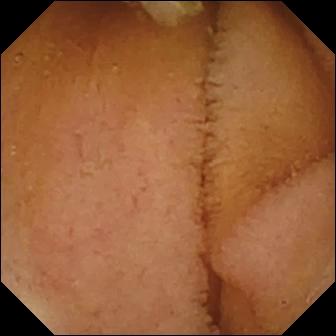{"modality": "small-bowel capsule endoscopy", "segment": "small intestine", "finding": "normal clean mucosa"}